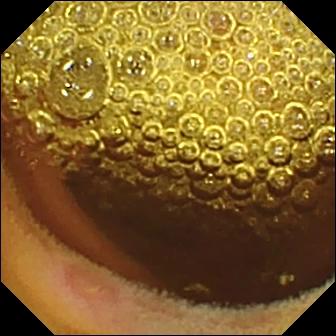Wireless capsule endoscopy still showing erosion.